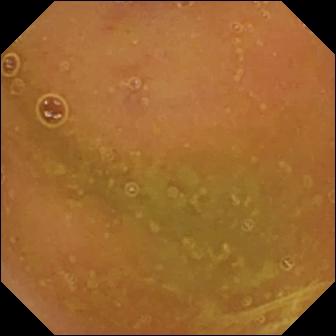Normal clean mucosa.